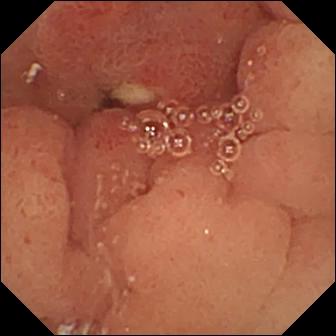This small-bowel capsule endoscopy still shows ulcer.